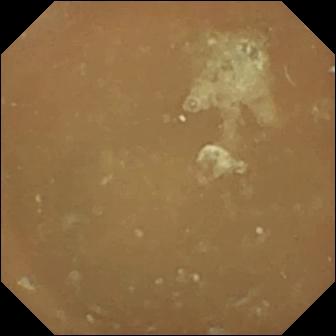This capsule endoscopy snapshot of the small intestine shows normal clean mucosa.